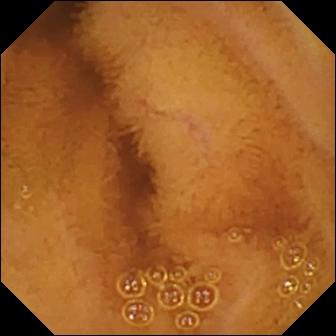Capsule endoscopy still, small bowel
Label: normal clean mucosa